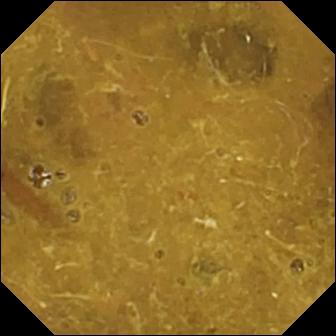modality: small-bowel capsule endoscopy
location: ileo-cecal valve region (the transition from the small bowel to the large bowel)